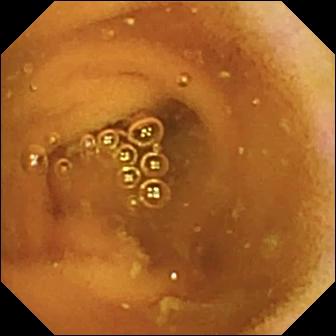Wireless capsule endoscopy. Small intestine. Luminal finding. Finding: normal clean mucosa.